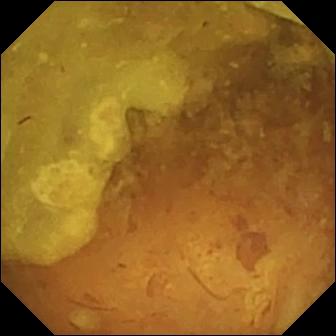VCE frame, 336×336. Reduced mucosal view (content or bubbles obscuring the mucosa).